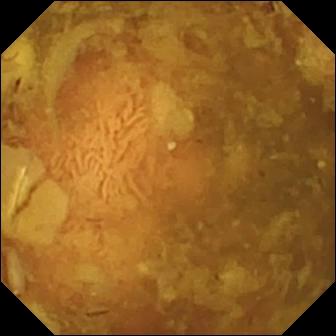Reduced mucosal view (content or bubbles obscuring the mucosa).